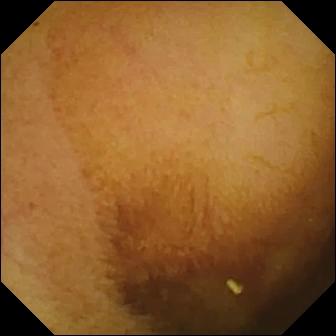Video capsule endoscopy snapshot showing normal clean mucosa.